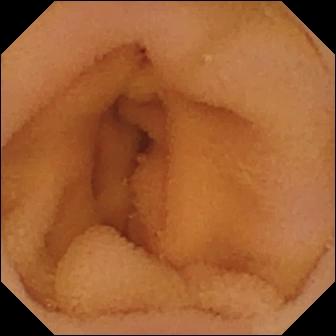Normal clean mucosa (336×336).